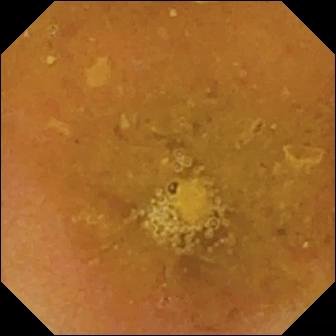Reduced mucosal view (content or bubbles obscuring the mucosa) — small-bowel capsule endoscopy frame of the small intestine.